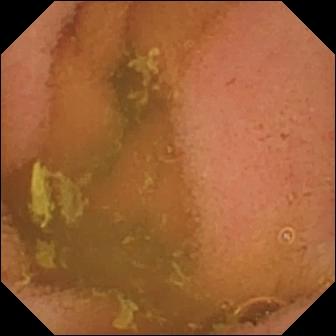{"modality": "VCE", "segment": "small intestine", "finding": "normal clean mucosa"}